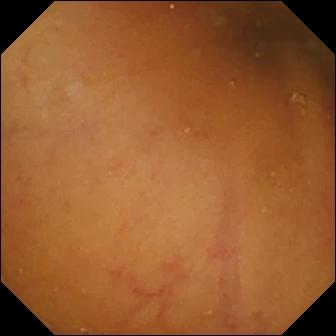VCE. Luminal finding. Impression: normal clean mucosa.